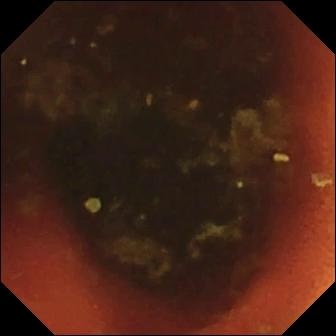- modality: video capsule endoscopy
- location: ileo-cecal valve region (the transition from the small bowel to the large bowel)